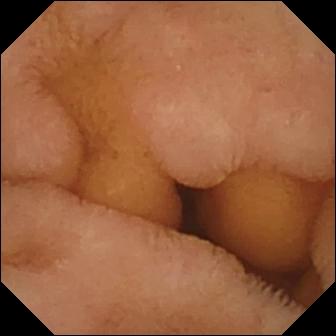- modality: video capsule endoscopy
- impression: normal clean mucosa